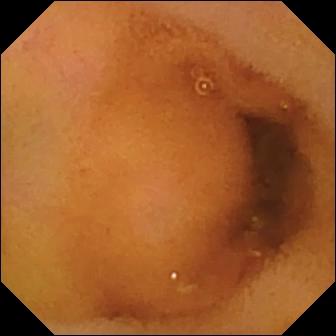Q: What does this small-bowel capsule endoscopy image show?
A: Normal clean mucosa.